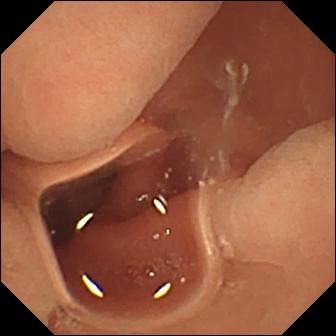VCE image
Impression: normal clean mucosa